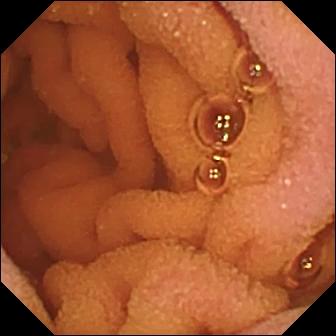Video capsule endoscopy — normal clean mucosa.